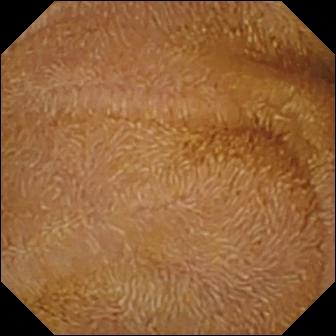Small-bowel capsule endoscopy. Finding: normal clean mucosa.